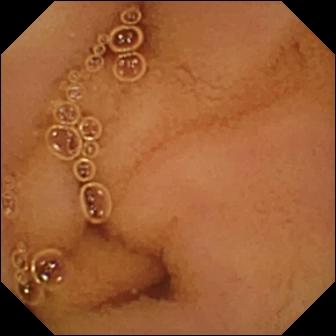Normal clean mucosa.